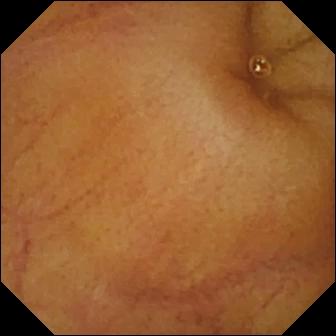WCE. Small intestine. Label: normal clean mucosa.